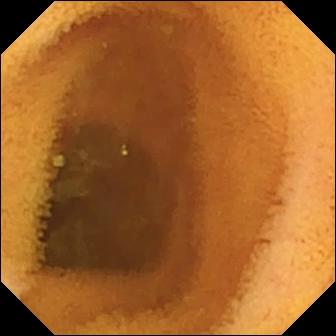{"modality": "small-bowel capsule endoscopy", "finding": "normal clean mucosa"}